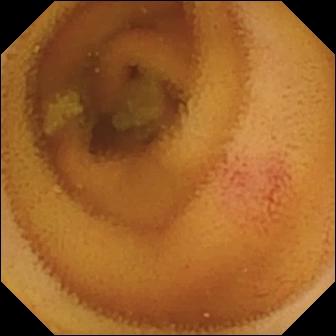This video capsule endoscopy image shows angiectasia.